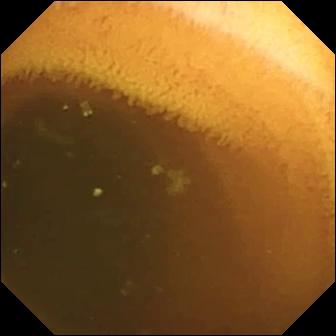Normal clean mucosa — video capsule endoscopy snapshot of the small bowel.